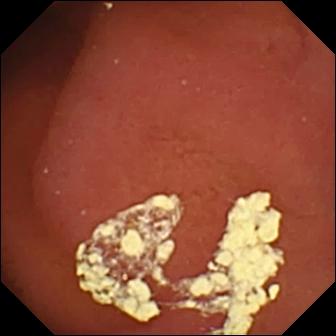Wireless capsule endoscopy frame taken in the pylorus region (the junction between the stomach and the small bowel).